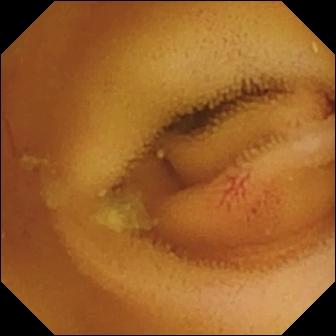Wireless capsule endoscopy snapshot showing angiectasia.